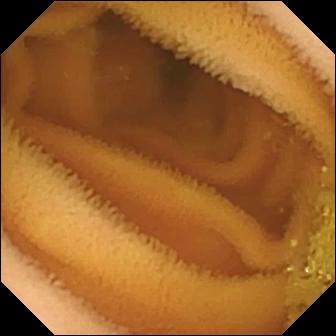Wireless capsule endoscopy still showing normal clean mucosa.